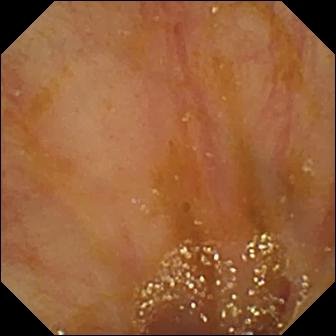- modality: wireless capsule endoscopy
- category: anatomical landmark
- location: ileo-cecal valve region